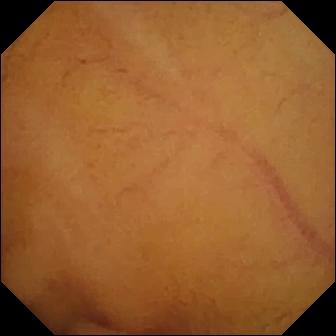- modality: capsule endoscopy
- category: luminal finding
- label: normal clean mucosa